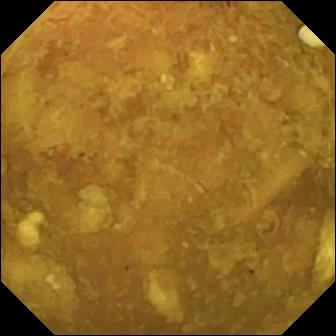Wireless capsule endoscopy. Small intestine. Finding: reduced mucosal view (content or bubbles obscuring the mucosa).